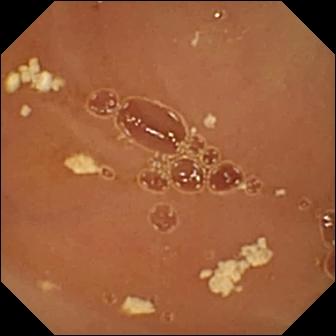This small-bowel capsule endoscopy snapshot of the small bowel shows normal clean mucosa.